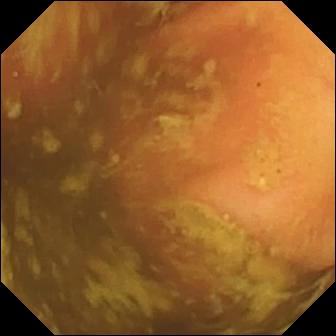modality: capsule endoscopy; category: anatomical landmark; video segment: ileo-cecal valve region (the transition from the small bowel to the large bowel)